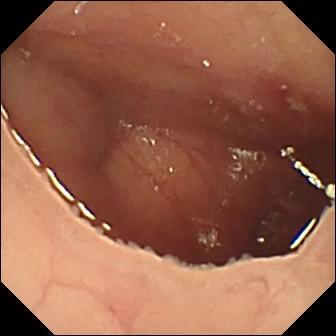VCE view
Observation: ulcer